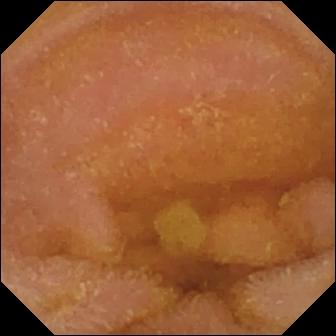modality: video capsule endoscopy | label: normal clean mucosa